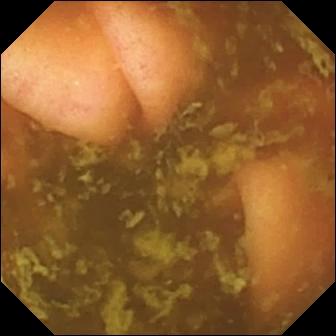This video capsule endoscopy view was taken in the ileo-cecal valve region.